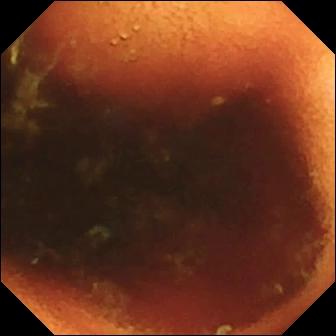Q: Where in the digestive tract was this wireless capsule endoscopy still taken?
A: Ileo-cecal valve region (the transition from the small bowel to the large bowel).